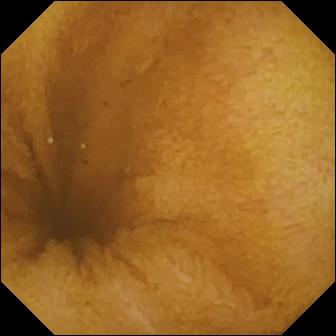Wireless capsule endoscopy — normal clean mucosa.